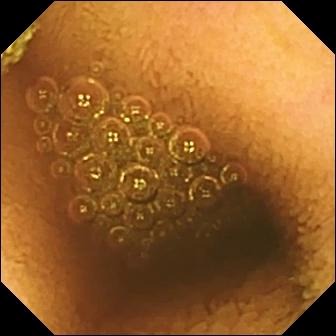modality: VCE; category: luminal finding; finding: reduced mucosal view (content or bubbles obscuring the mucosa)